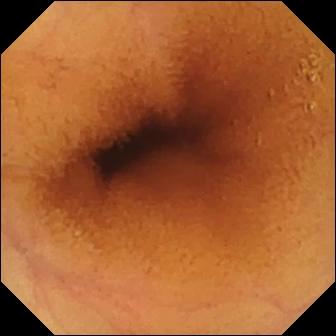This VCE image shows normal clean mucosa.